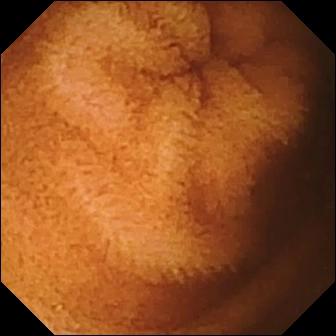Wireless capsule endoscopy frame of the small bowel showing normal clean mucosa.